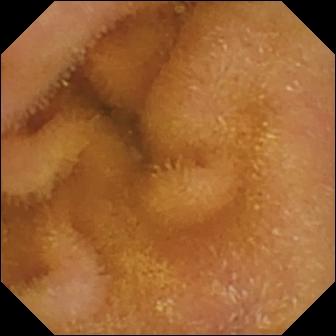{"modality": "VCE", "category": "luminal finding", "finding": "normal clean mucosa"}